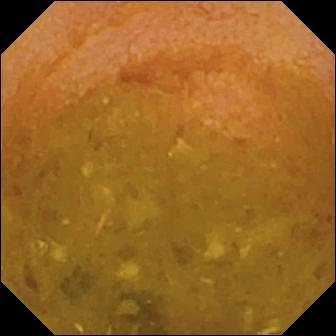Reduced mucosal view (content or bubbles obscuring the mucosa) (336×336).